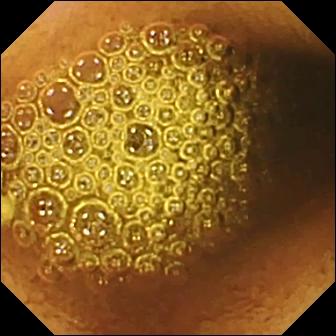{"modality": "WCE", "finding": "reduced mucosal view (content or bubbles obscuring the mucosa)"}